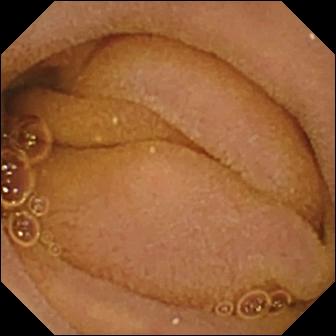{"modality": "wireless capsule endoscopy", "finding": "normal clean mucosa"}